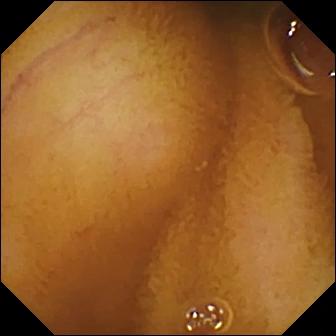modality: VCE
segment: small bowel
finding: normal clean mucosa